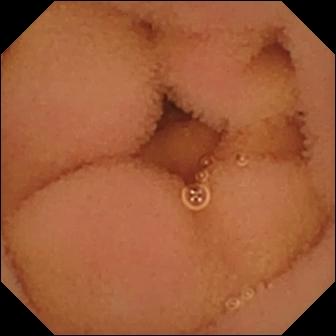Normal clean mucosa.